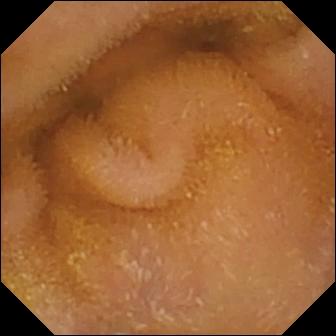Normal clean mucosa.